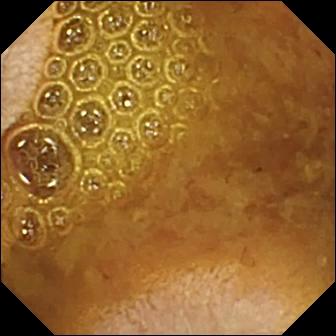modality: VCE | observation: reduced mucosal view (content or bubbles obscuring the mucosa)